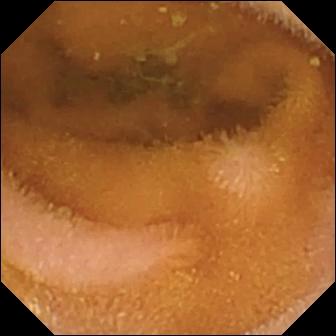Q: What does this small-bowel capsule endoscopy view of the small intestine show?
A: Normal clean mucosa.